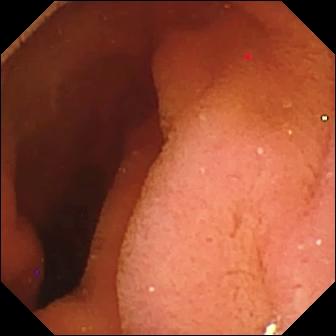VCE. Position: pylorus region.